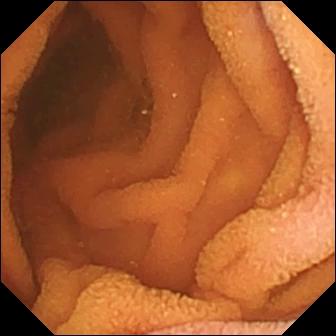Small-bowel capsule endoscopy snapshot of the small bowel showing normal clean mucosa.